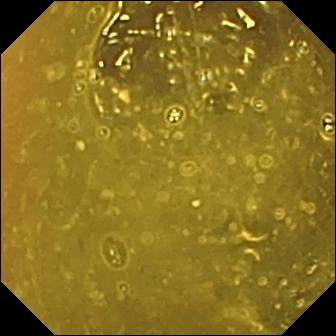Q: Where in the digestive tract was this VCE frame taken?
A: Ileo-cecal valve region (the transition from the small bowel to the large bowel).